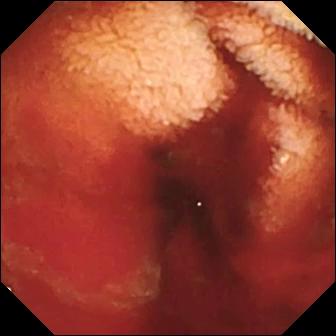Capsule endoscopy. Luminal finding. Observation: fresh blood in the lumen.